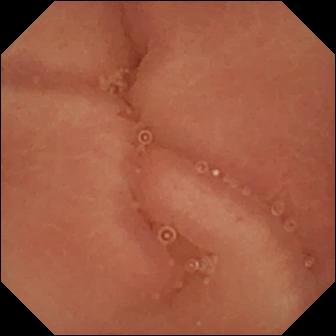PROCEDURE: Small-bowel capsule endoscopy.
POSITION: Pylorus region (the junction between the stomach and the small bowel).